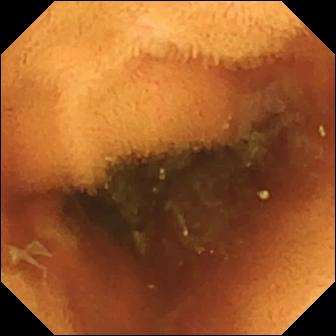Video capsule endoscopy. Luminal finding. Label: normal clean mucosa.